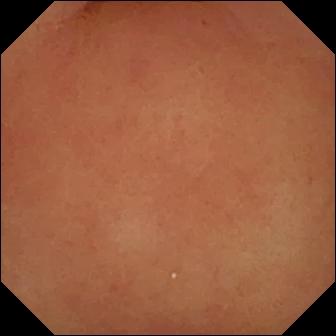modality: WCE; category: anatomical landmark; video segment: pylorus region (where the capsule passes from the stomach into the small bowel)